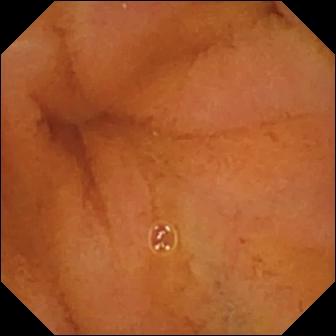WCE snapshot, 336×336. Normal clean mucosa.